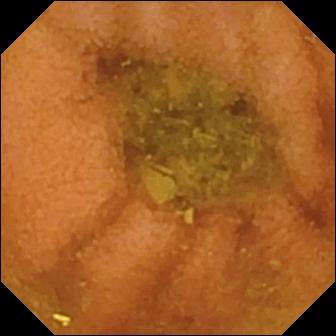Normal clean mucosa.